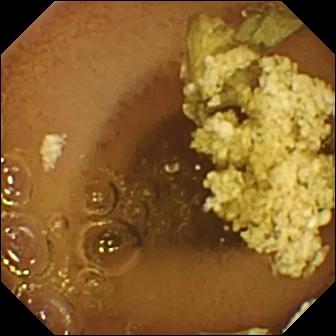Q: What does this capsule endoscopy still of the small bowel show?
A: Normal clean mucosa.